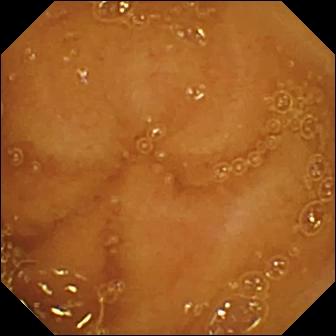Capsule endoscopy. Small intestine. Impression: normal clean mucosa.